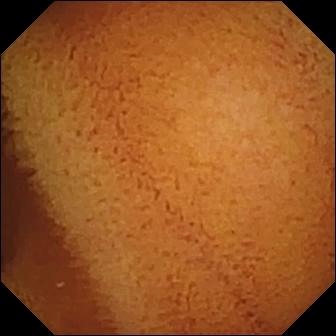Wireless capsule endoscopy view of the small bowel showing normal clean mucosa.